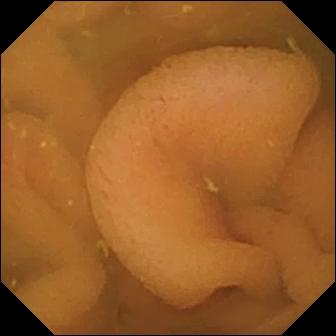Wireless capsule endoscopy. Small intestine. Observation: normal clean mucosa.